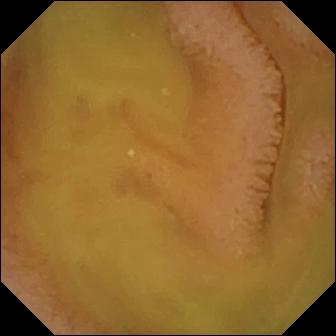Q: What does this WCE still of the small intestine show?
A: Normal clean mucosa.